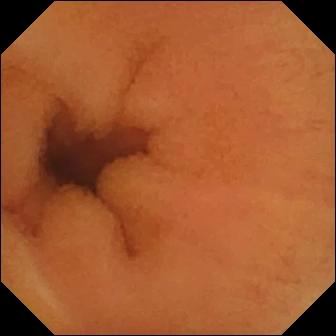- modality: wireless capsule endoscopy
- category: luminal finding
- impression: normal clean mucosa